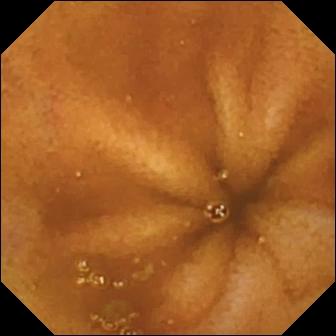Normal clean mucosa.